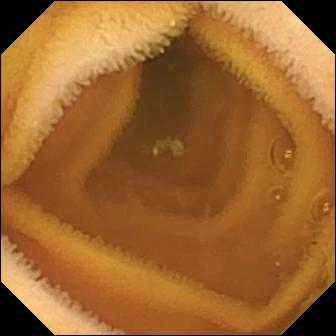- modality: capsule endoscopy
- observation: normal clean mucosa